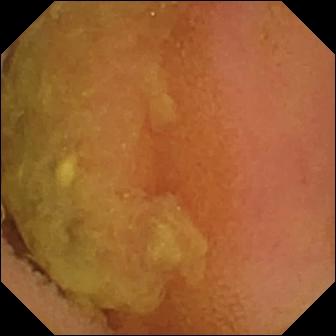WCE image
Impression: normal clean mucosa